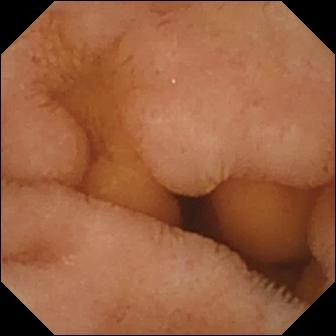Q: What does this small-bowel capsule endoscopy view show?
A: Normal clean mucosa.